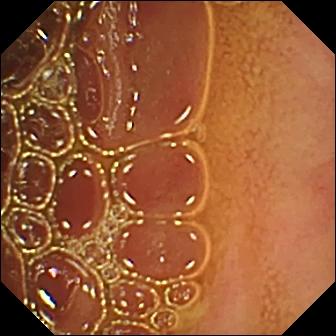modality: VCE
label: normal clean mucosa